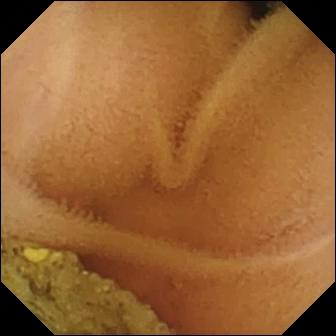WCE view of the small intestine showing normal clean mucosa.